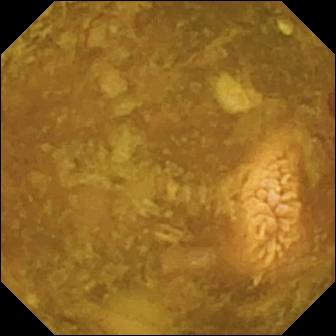Wireless capsule endoscopy still of the small bowel showing reduced mucosal view (content or bubbles obscuring the mucosa).